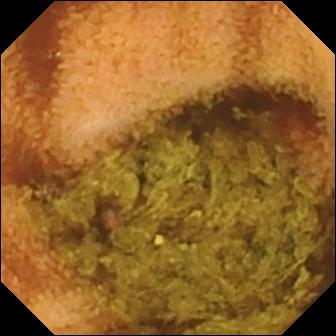This video capsule endoscopy frame of the small intestine shows normal clean mucosa.